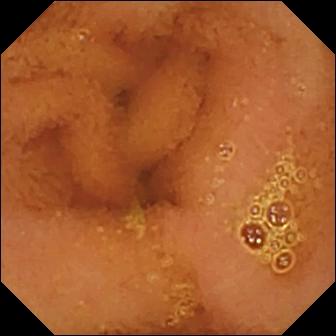Normal clean mucosa.